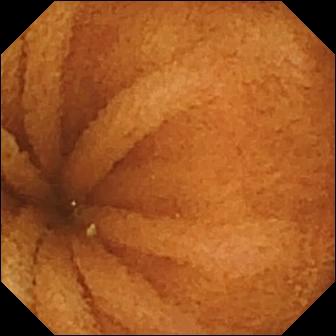Normal clean mucosa — WCE frame of the small bowel.